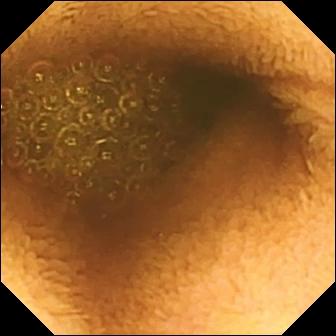This video capsule endoscopy image shows reduced mucosal view (content or bubbles obscuring the mucosa).